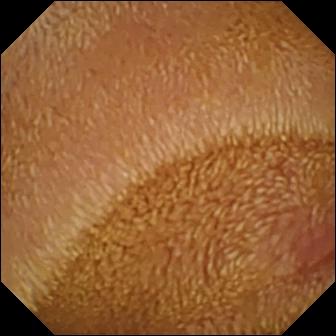Small-bowel capsule endoscopy — erosion.